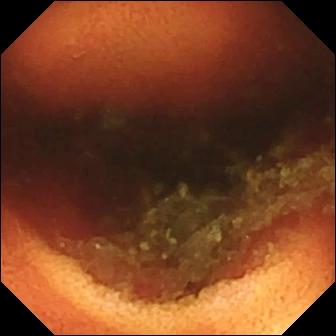Ileo-cecal valve region (the transition from the small bowel to the large bowel).